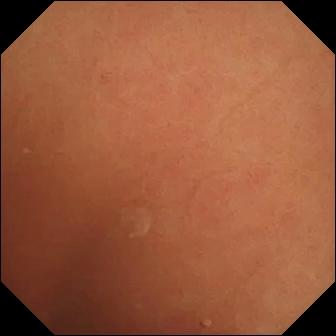This WCE frame shows normal clean mucosa.